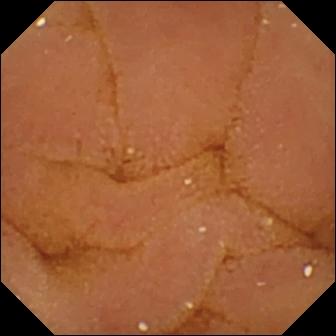Small-bowel capsule endoscopy. Small bowel. Label: normal clean mucosa.